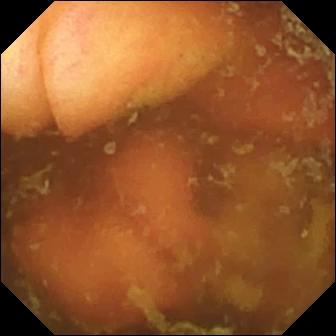Ileo-cecal valve region (the transition from the small bowel to the large bowel).